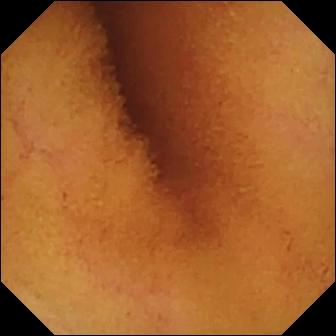VCE. Small intestine. Luminal finding. Finding: normal clean mucosa.